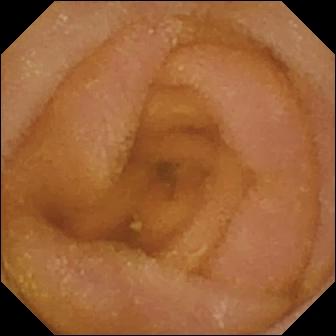VCE — normal clean mucosa.